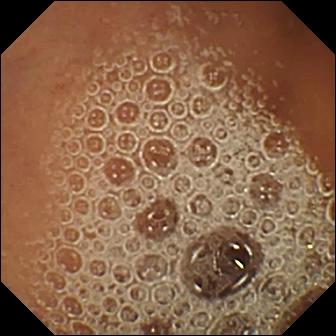Normal clean mucosa — WCE snapshot.